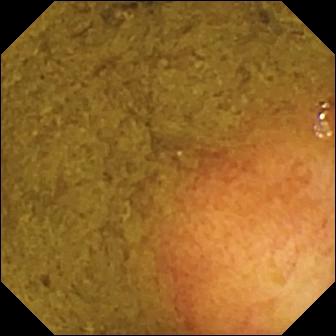This video capsule endoscopy frame was taken in the ileo-cecal valve region (the transition from the small bowel to the large bowel).